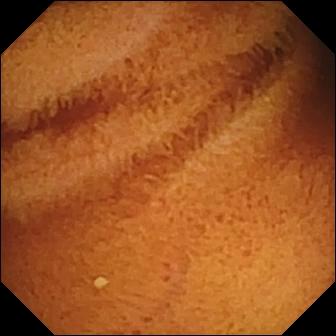Q: What does this WCE still show?
A: Normal clean mucosa.